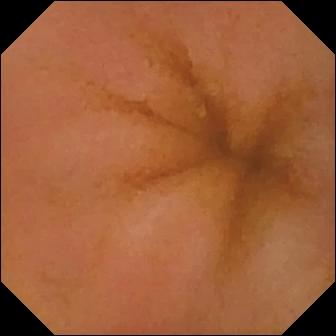modality: wireless capsule endoscopy | segment: small intestine | category: luminal finding | impression: normal clean mucosa